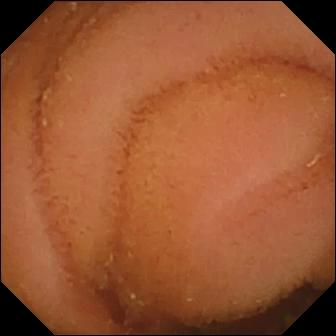Small-bowel capsule endoscopy view. Normal clean mucosa.